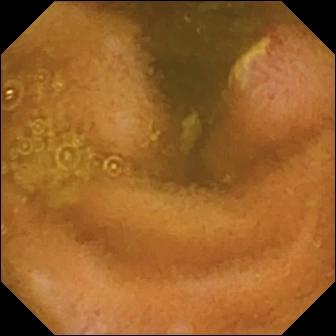Video capsule endoscopy still. Ulcer.